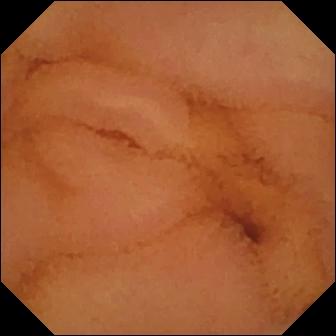Video capsule endoscopy snapshot
Label: normal clean mucosa